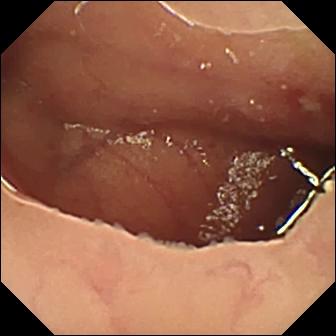Video capsule endoscopy — ulcer.